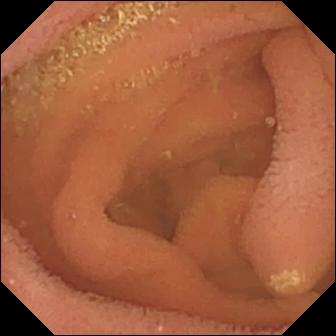Capsule endoscopy — lymphangiectasia.